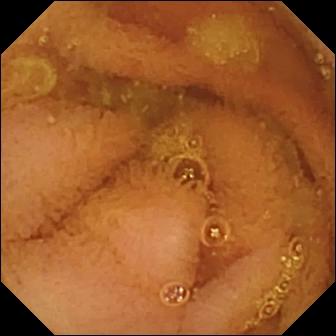Normal clean mucosa.